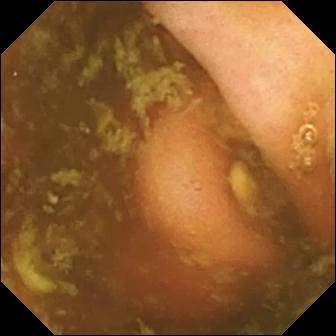This WCE image was taken in the ileo-cecal valve region (where the capsule passes from the small bowel into the large bowel).